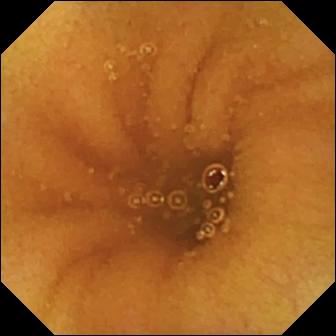Q: What does this video capsule endoscopy still of the small intestine show?
A: Normal clean mucosa.